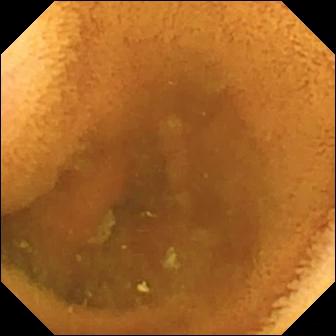Capsule endoscopy still, small bowel
Finding: normal clean mucosa